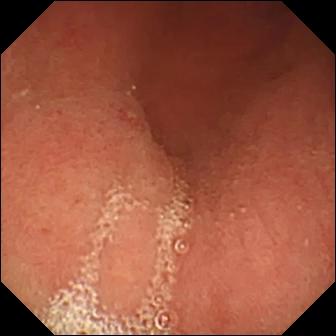VCE still
Label: pylorus region (where the capsule passes from the stomach into the small bowel)